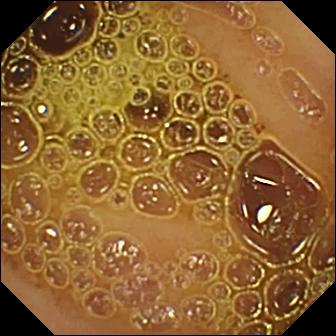Normal clean mucosa (336×336).